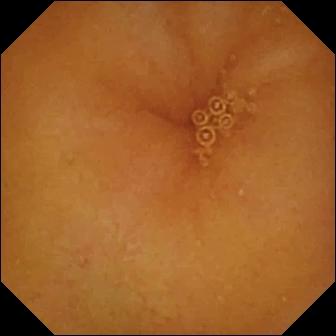- modality: WCE
- segment: small bowel
- label: normal clean mucosa